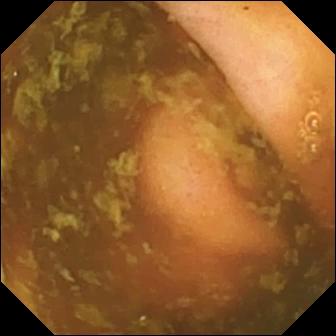Capsule endoscopy still, 336×336. Taken in the ileo-cecal valve region (the transition from the small bowel to the large bowel).